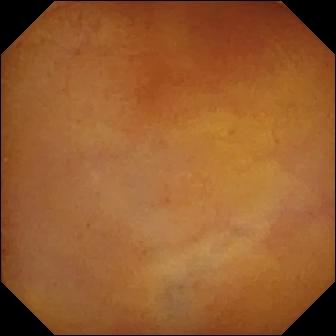modality: VCE
observation: normal clean mucosa